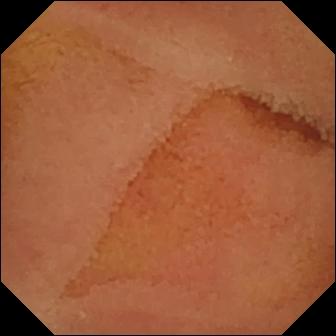WCE frame. Normal clean mucosa.